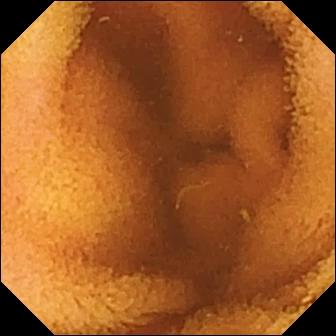Q: What does this WCE frame of the small bowel show?
A: Normal clean mucosa.